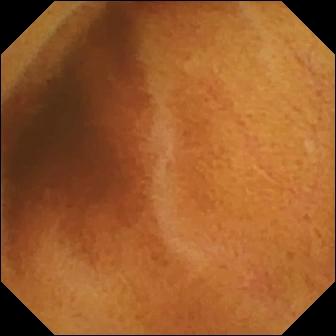Video capsule endoscopy — normal clean mucosa.